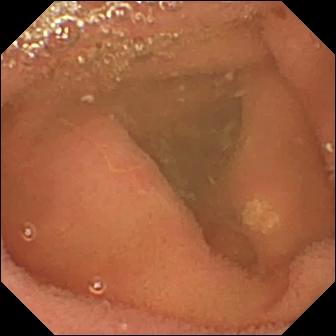- modality: capsule endoscopy
- impression: lymphangiectasia